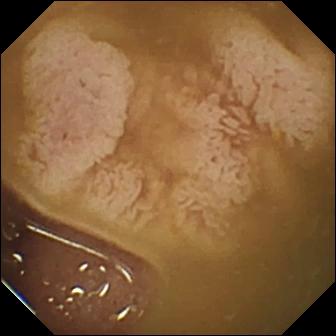This WCE frame was taken in the ileo-cecal valve region (the transition from the small bowel to the large bowel).